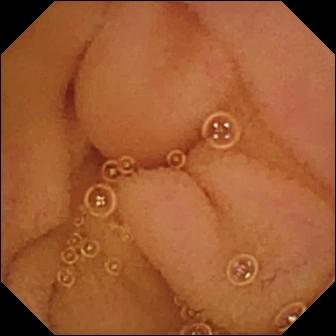Q: What does this VCE image of the small bowel show?
A: Normal clean mucosa.